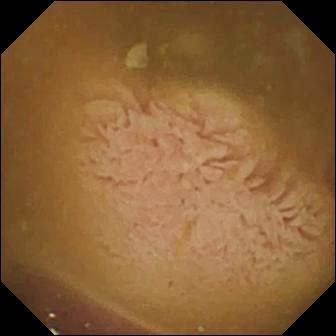Ileo-cecal valve region — WCE snapshot.